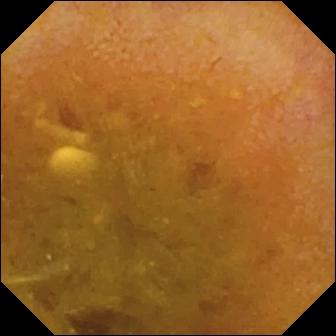Reduced mucosal view (content or bubbles obscuring the mucosa).